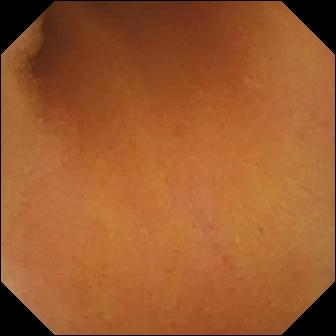modality: wireless capsule endoscopy | category: luminal finding | label: normal clean mucosa